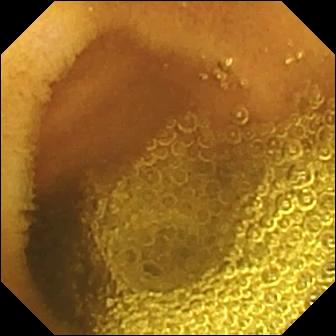Small-bowel capsule endoscopy snapshot. Normal clean mucosa.